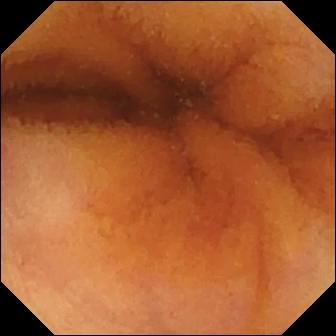- modality: small-bowel capsule endoscopy
- segment: small intestine
- label: normal clean mucosa